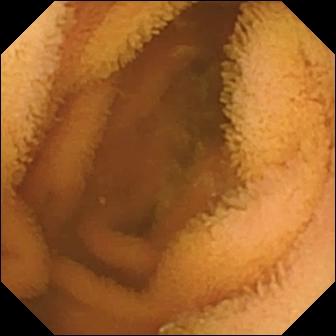modality: capsule endoscopy
segment: small bowel
finding: normal clean mucosa